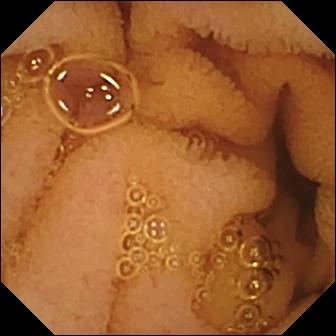{"modality": "WCE", "segment": "small bowel", "finding": "normal clean mucosa"}